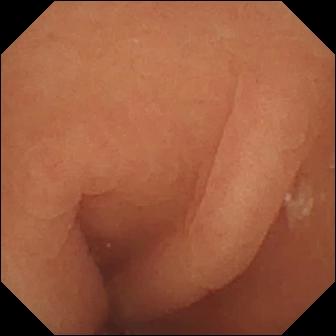{"modality": "WCE", "finding": "normal clean mucosa"}